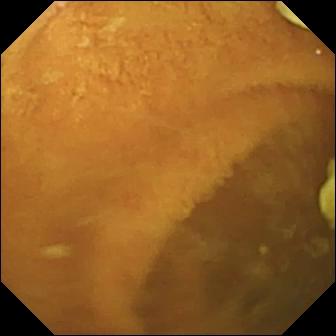Capsule endoscopy snapshot of the small intestine showing normal clean mucosa.